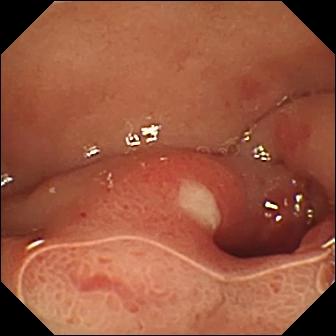Q: What does this VCE view show?
A: Ulcer.